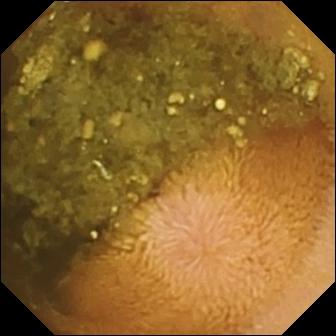Q: What does this video capsule endoscopy image show?
A: Reduced mucosal view (content or bubbles obscuring the mucosa).